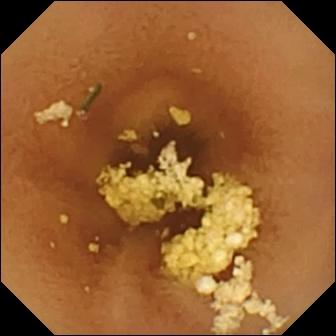PROCEDURE: Video capsule endoscopy.
FINDINGS: Normal clean mucosa.